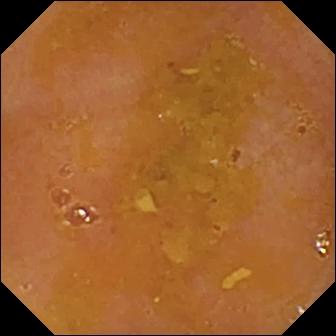Wireless capsule endoscopy — reduced mucosal view (content or bubbles obscuring the mucosa).